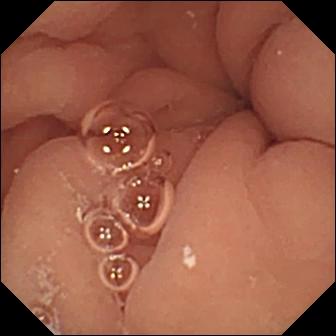VCE snapshot taken in the pylorus region.